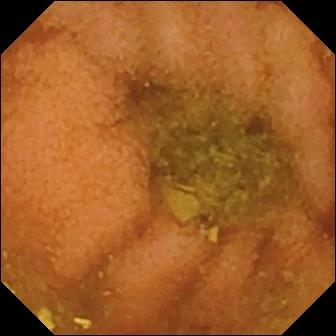Small-bowel capsule endoscopy — normal clean mucosa.